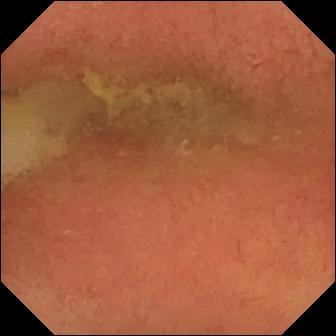{"modality": "small-bowel capsule endoscopy", "position": "pylorus region"}